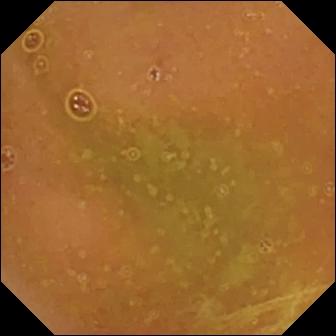Small-bowel capsule endoscopy still. Normal clean mucosa.